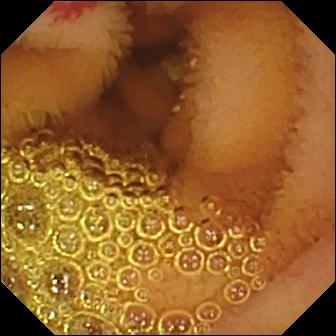Angiectasia — WCE view.